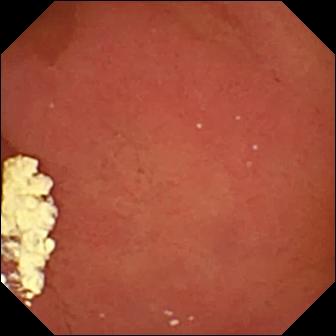Small-bowel capsule endoscopy image taken in the pylorus region.